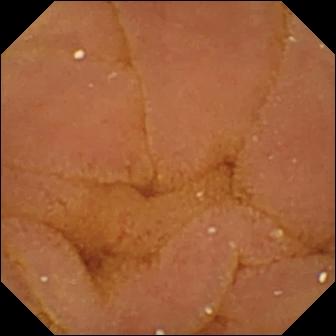Video capsule endoscopy image (small intestine). Normal clean mucosa.